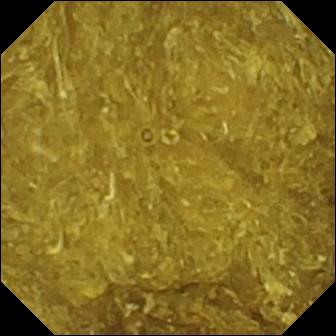{"modality": "video capsule endoscopy", "segment": "small intestine", "finding": "reduced mucosal view (content or bubbles obscuring the mucosa)"}